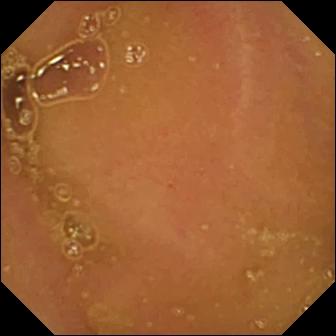Normal clean mucosa — wireless capsule endoscopy snapshot of the small intestine.